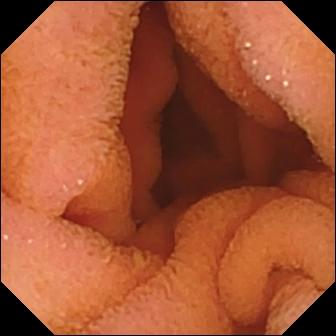PROCEDURE: Video capsule endoscopy.
FINDINGS: Normal clean mucosa.